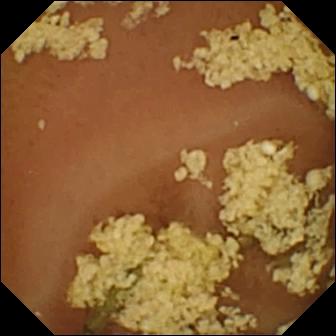{"modality": "small-bowel capsule endoscopy", "segment": "small bowel", "finding": "normal clean mucosa"}